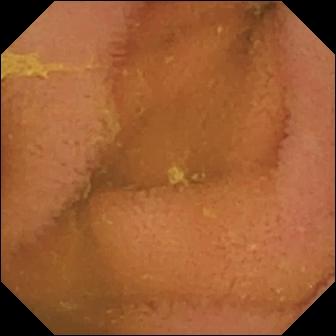- modality: VCE
- impression: normal clean mucosa